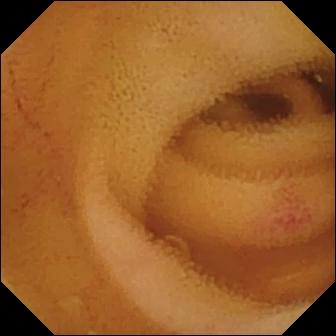PROCEDURE: Capsule endoscopy.
FINDINGS: Angiectasia.